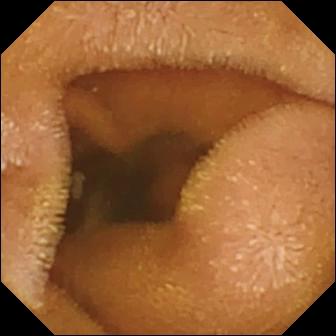Video capsule endoscopy image. Normal clean mucosa.